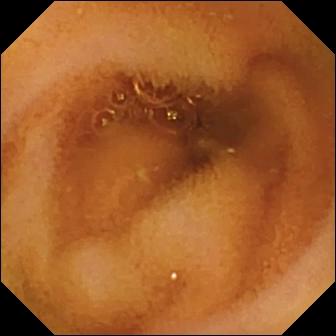Normal clean mucosa — small-bowel capsule endoscopy still.